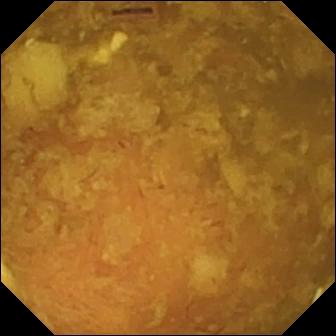- modality: small-bowel capsule endoscopy
- segment: small bowel
- impression: reduced mucosal view (content or bubbles obscuring the mucosa)